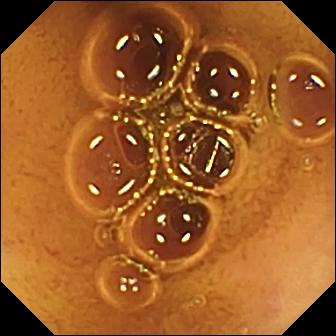{"modality": "wireless capsule endoscopy", "segment": "small intestine", "category": "luminal finding", "finding": "normal clean mucosa"}